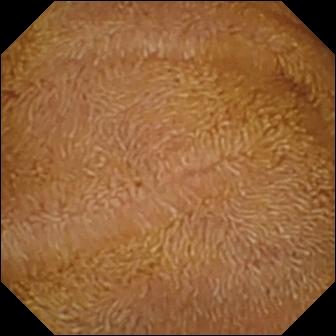Normal clean mucosa.